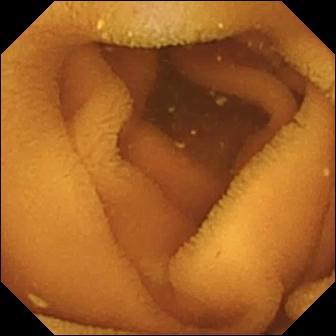This WCE image shows normal clean mucosa.